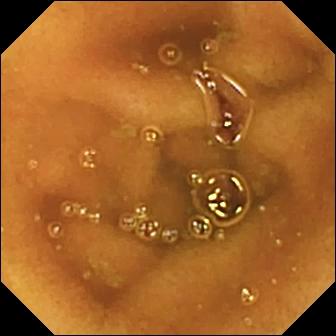{"modality": "small-bowel capsule endoscopy", "segment": "small bowel", "finding": "normal clean mucosa"}